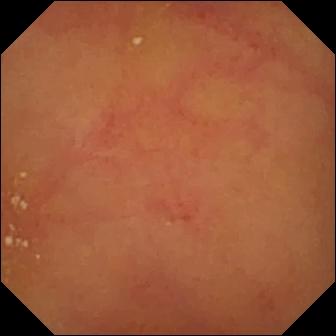Small-bowel capsule endoscopy snapshot showing normal clean mucosa.